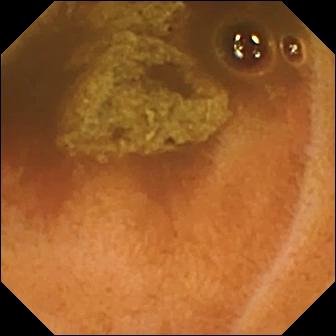Q: What does this WCE view show?
A: Normal clean mucosa.